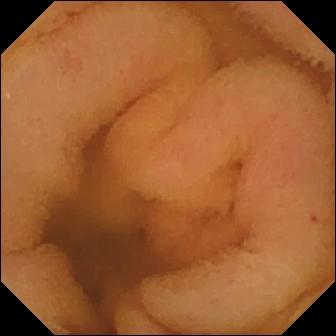WCE — normal clean mucosa.